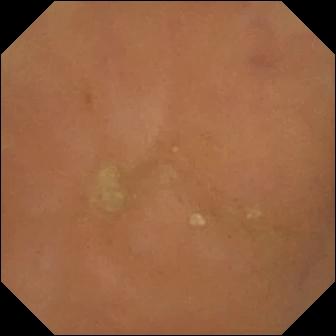WCE image. Normal clean mucosa.